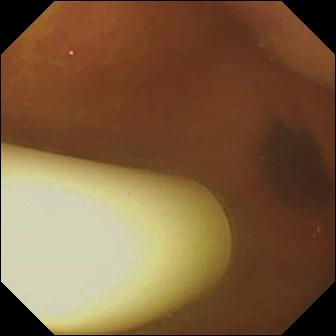Foreign body (e.g. retained capsule, tablet residue) — small-bowel capsule endoscopy still.